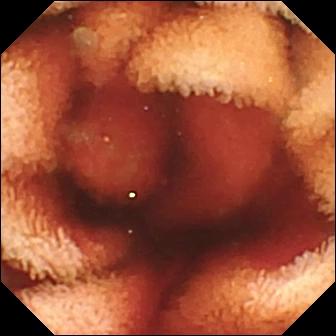Fresh blood in the lumen.